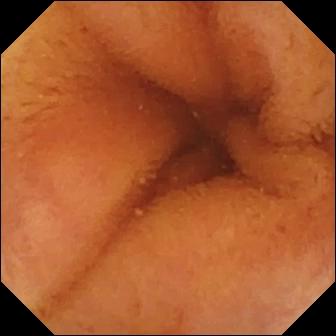{"modality": "video capsule endoscopy", "segment": "small intestine", "finding": "normal clean mucosa"}